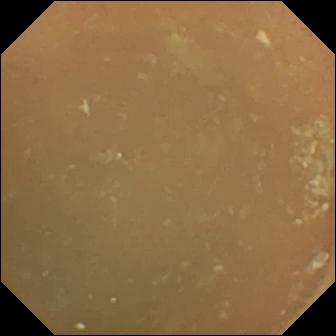Normal clean mucosa (336×336).